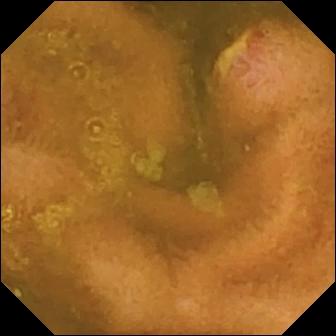Small-bowel capsule endoscopy — ulcer.